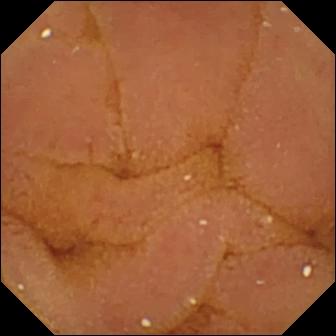PROCEDURE: VCE.
FINDINGS: Normal clean mucosa.